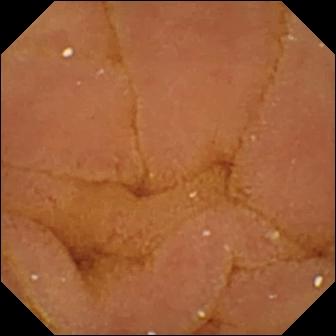Normal clean mucosa — capsule endoscopy frame.